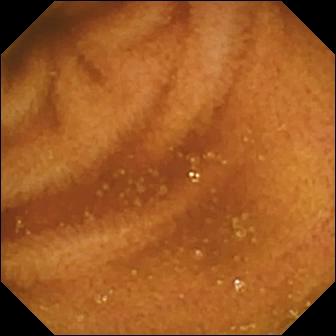WCE snapshot
Impression: normal clean mucosa